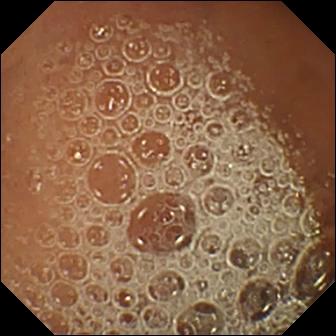Video capsule endoscopy still showing normal clean mucosa.